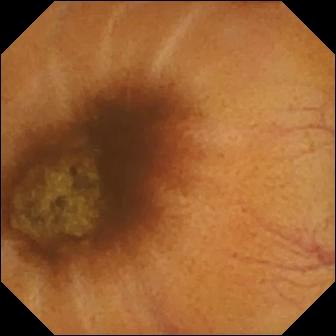Video capsule endoscopy — normal clean mucosa.